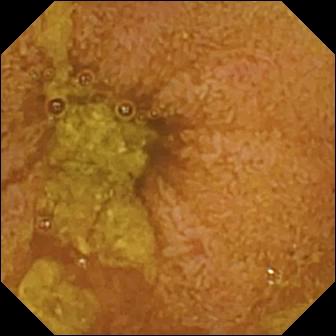Small-bowel capsule endoscopy. Video segment: ileo-cecal valve region (the transition from the small bowel to the large bowel).